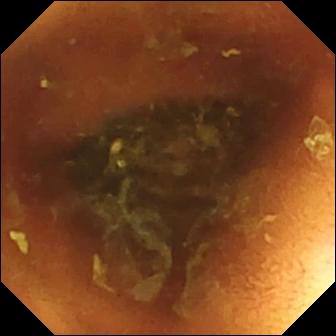Normal clean mucosa — video capsule endoscopy image.